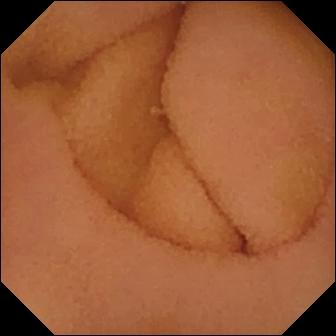WCE — normal clean mucosa.